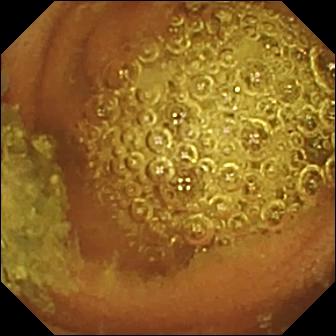{"modality": "capsule endoscopy", "segment": "small intestine", "finding": "normal clean mucosa"}